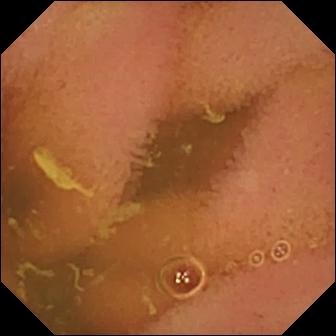modality: WCE
segment: small bowel
finding: normal clean mucosa